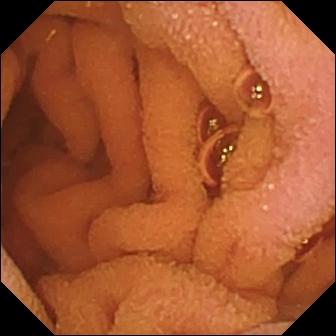modality: WCE
segment: small intestine
label: normal clean mucosa